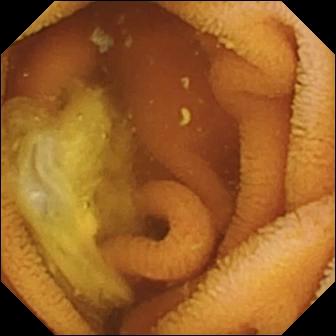Wireless capsule endoscopy. Small bowel. Finding: normal clean mucosa.